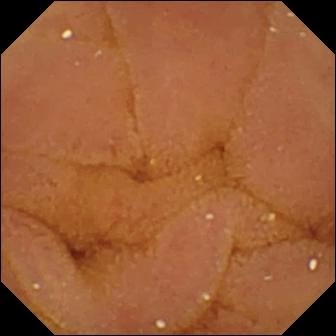Normal clean mucosa — small-bowel capsule endoscopy frame.